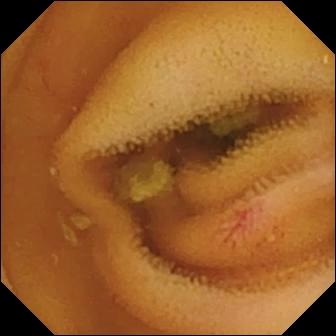- modality: wireless capsule endoscopy
- label: angiectasia